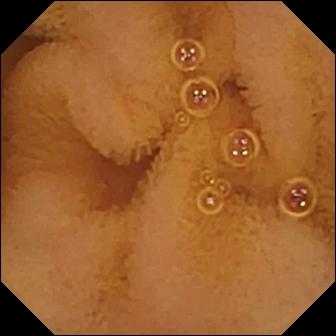PROCEDURE: VCE.
SEGMENT: Small intestine.
FINDINGS: Normal clean mucosa.